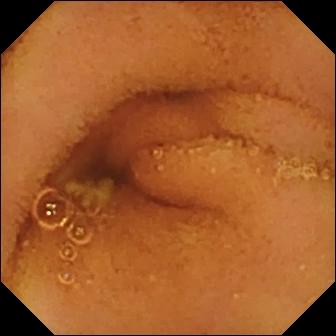- modality: capsule endoscopy
- segment: small intestine
- label: normal clean mucosa